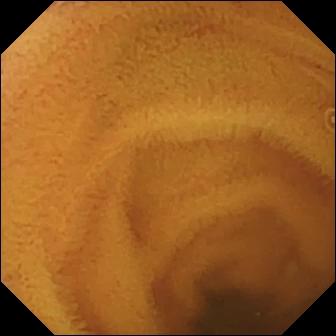VCE view (small bowel). Normal clean mucosa.